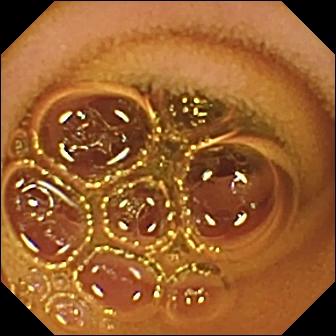Video capsule endoscopy still, small intestine
Finding: normal clean mucosa